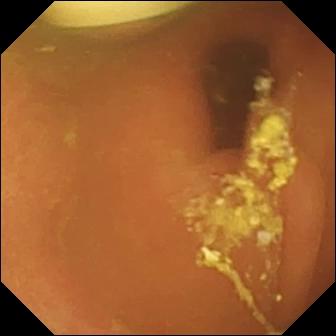PROCEDURE: Video capsule endoscopy.
FINDINGS: Foreign body (e.g. retained capsule, tablet residue).